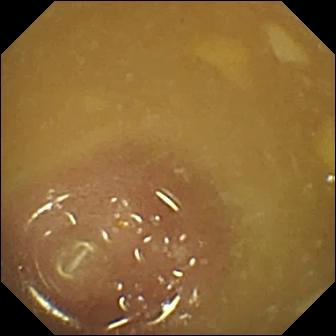Video capsule endoscopy. Near an anatomical landmark. Location: ileo-cecal valve region.